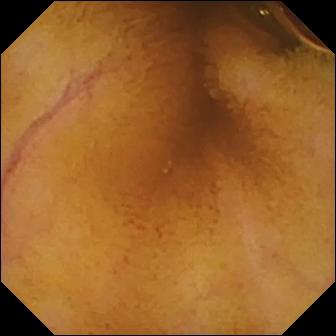Capsule endoscopy — normal clean mucosa.